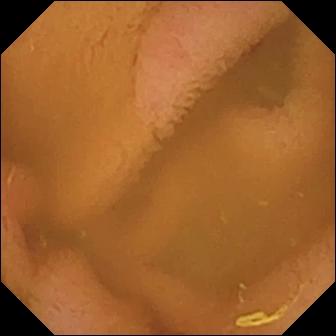PROCEDURE: WCE.
FINDINGS: Normal clean mucosa.